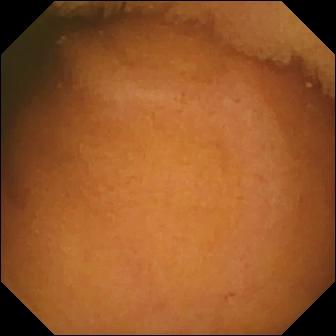WCE. Small bowel. Label: normal clean mucosa.